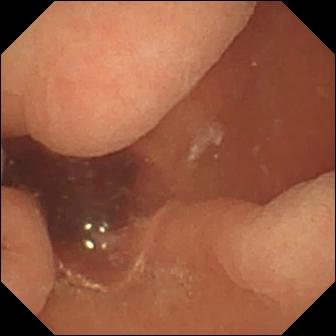Q: What does this small-bowel capsule endoscopy view show?
A: Normal clean mucosa.